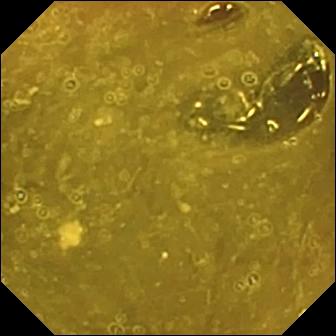VCE snapshot taken in the ileo-cecal valve region.